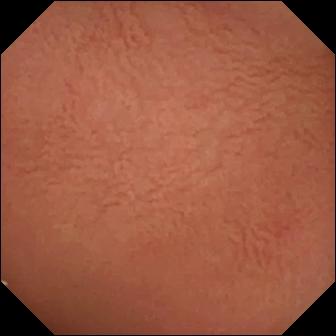Video capsule endoscopy snapshot. Taken in the pylorus region.